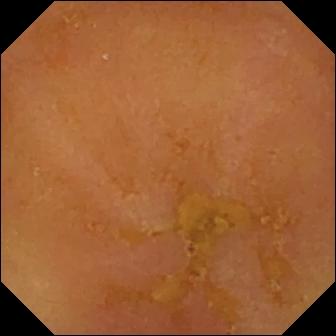VCE snapshot (small intestine), 336×336. Reduced mucosal view (content or bubbles obscuring the mucosa).